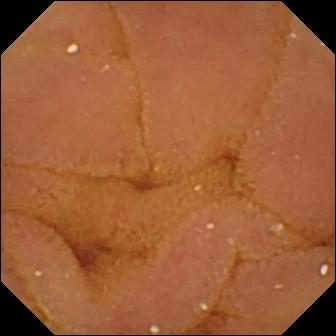PROCEDURE: Video capsule endoscopy.
FINDINGS: Normal clean mucosa.